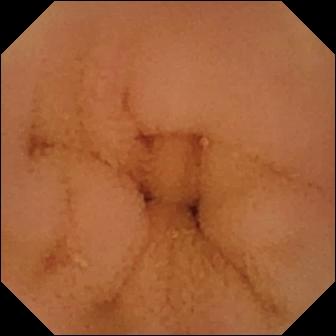Q: What does this small-bowel capsule endoscopy frame of the small bowel show?
A: Normal clean mucosa.